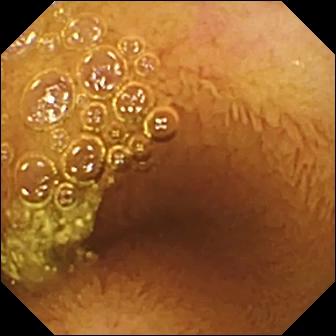Capsule endoscopy image of the small intestine showing normal clean mucosa.